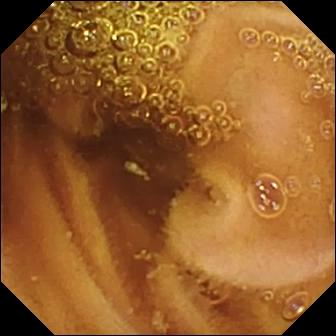- modality: small-bowel capsule endoscopy
- finding: normal clean mucosa